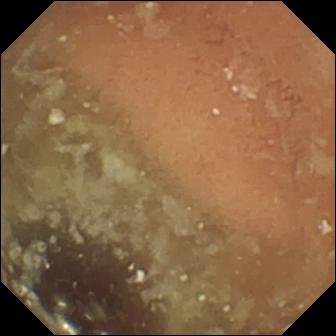Video capsule endoscopy image of the small intestine showing normal clean mucosa.